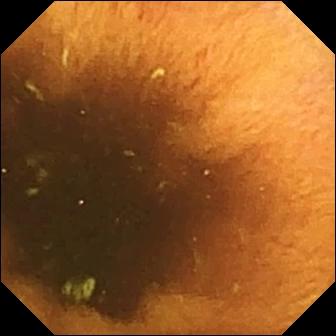VCE. Finding: normal clean mucosa.